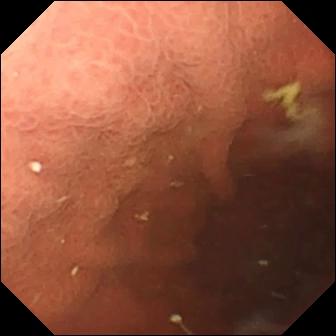- modality: capsule endoscopy
- position: pylorus region (the junction between the stomach and the small bowel)